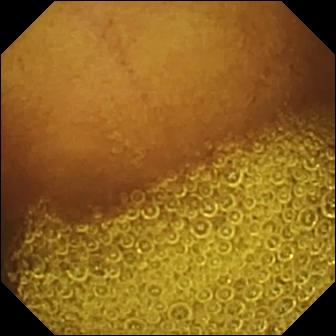This video capsule endoscopy snapshot of the small intestine shows normal clean mucosa.